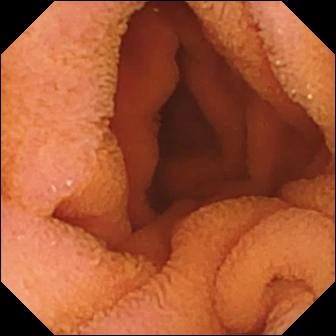Normal clean mucosa.